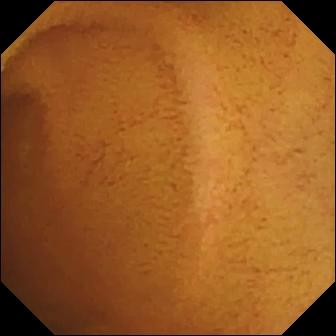This capsule endoscopy image of the small bowel shows normal clean mucosa.